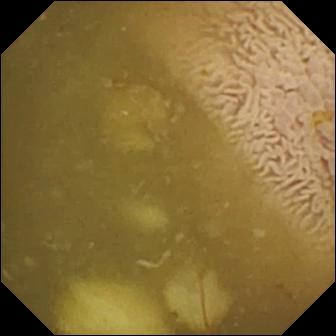Q: Where in the digestive tract was this wireless capsule endoscopy frame taken?
A: Ileo-cecal valve region (where the capsule passes from the small bowel into the large bowel).